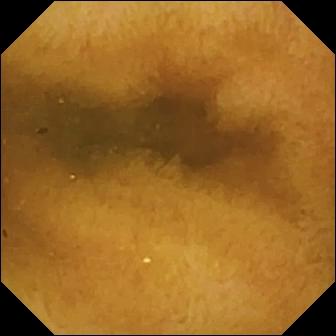Q: What does this VCE snapshot of the small intestine show?
A: Normal clean mucosa.